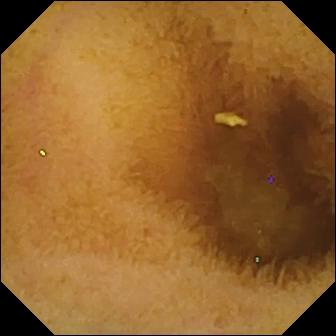Normal clean mucosa — wireless capsule endoscopy snapshot of the small intestine.